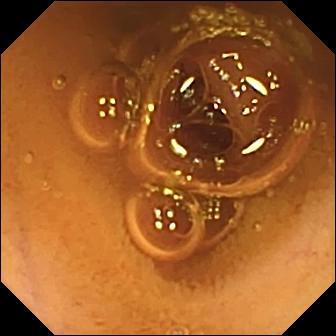{"modality": "small-bowel capsule endoscopy", "finding": "normal clean mucosa"}